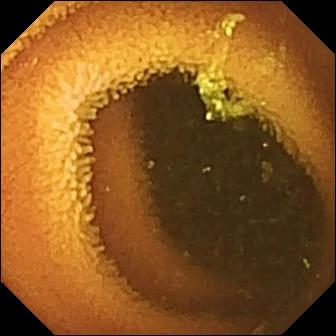PROCEDURE: Video capsule endoscopy.
SEGMENT: Small bowel.
FINDINGS: Normal clean mucosa.